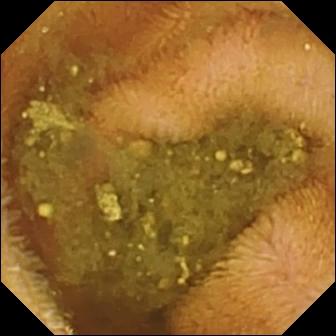modality: capsule endoscopy
impression: reduced mucosal view (content or bubbles obscuring the mucosa)